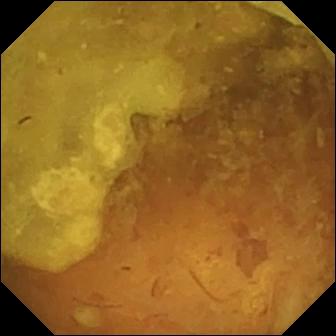Capsule endoscopy — reduced mucosal view (content or bubbles obscuring the mucosa).